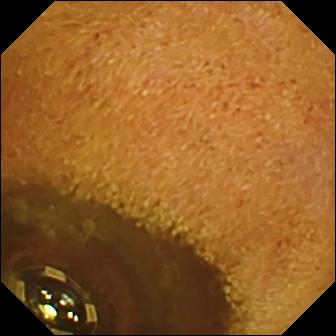PROCEDURE: Capsule endoscopy.
FINDINGS: Foreign body (e.g. retained capsule, tablet residue).